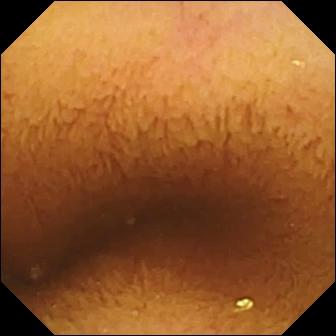Capsule endoscopy image (small bowel). Normal clean mucosa.